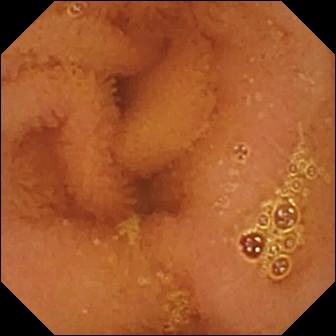Capsule endoscopy — normal clean mucosa.